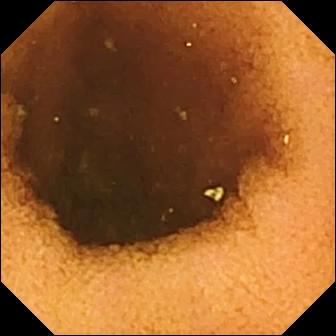PROCEDURE: Video capsule endoscopy.
FINDINGS: Normal clean mucosa.